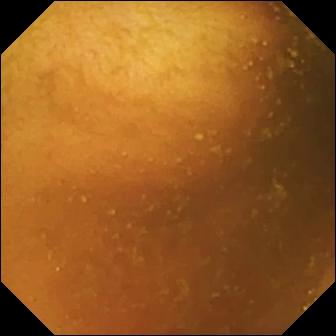VCE frame
Label: normal clean mucosa